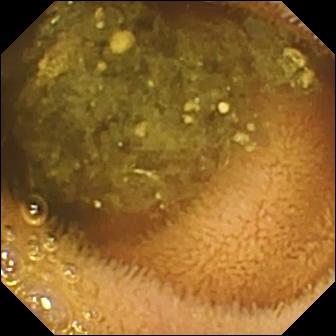{"modality": "small-bowel capsule endoscopy", "finding": "reduced mucosal view (content or bubbles obscuring the mucosa)"}